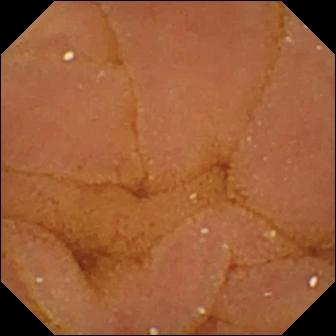PROCEDURE: Wireless capsule endoscopy.
SEGMENT: Small intestine.
FINDINGS: Normal clean mucosa.